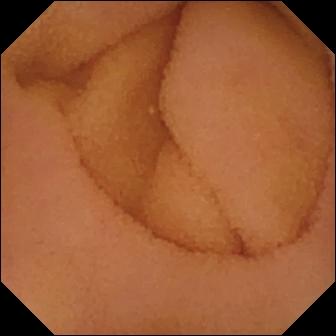modality: VCE | category: luminal finding | observation: normal clean mucosa